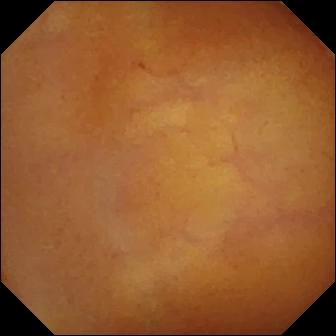PROCEDURE: Wireless capsule endoscopy.
SEGMENT: Small bowel.
FINDINGS: Normal clean mucosa.